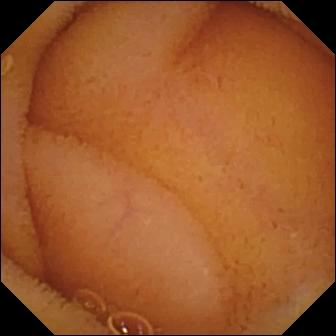Normal clean mucosa.